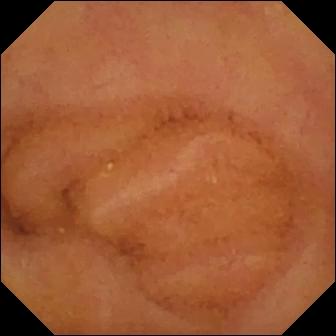This video capsule endoscopy still shows normal clean mucosa.